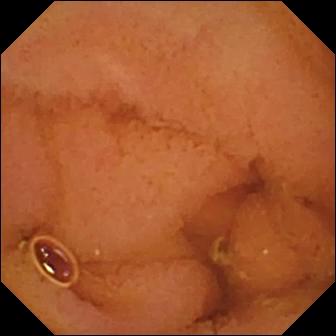PROCEDURE: WCE.
FINDINGS: Normal clean mucosa.